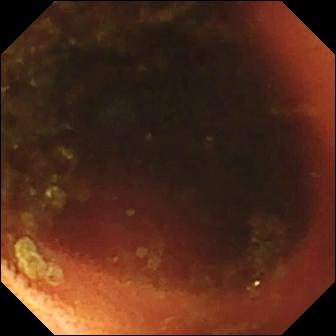Capsule endoscopy frame. Taken in the ileo-cecal valve region (the transition from the small bowel to the large bowel).